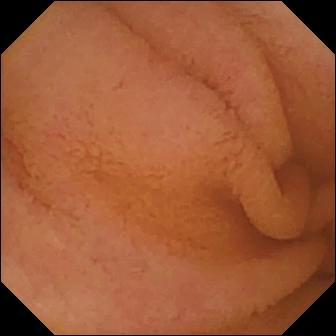Normal clean mucosa — VCE view of the small bowel.